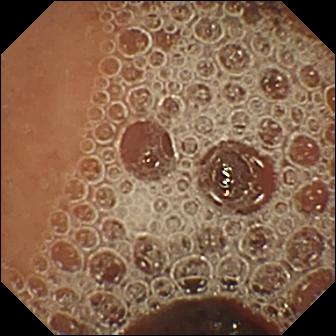VCE — normal clean mucosa.